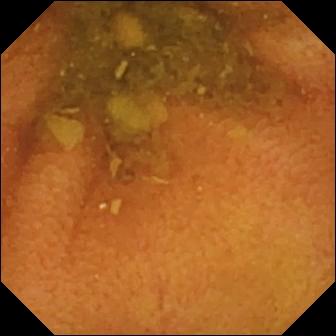modality: capsule endoscopy
segment: small intestine
category: luminal finding
observation: normal clean mucosa